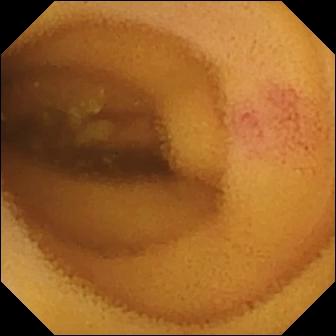- modality: small-bowel capsule endoscopy
- impression: angiectasia